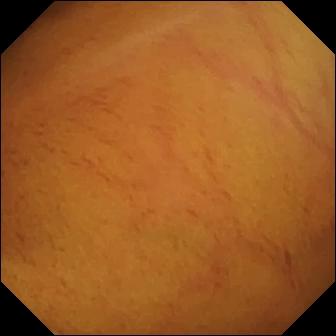WCE — normal clean mucosa.